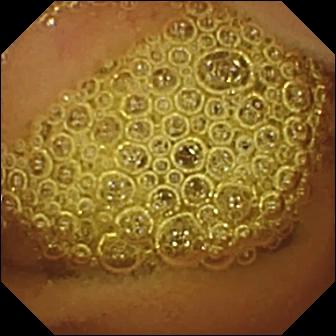WCE frame (small bowel). Normal clean mucosa.